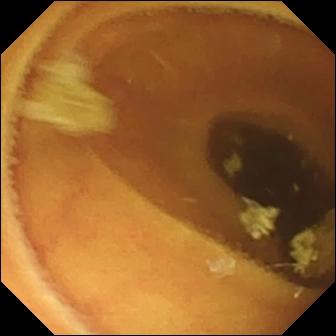Normal clean mucosa.